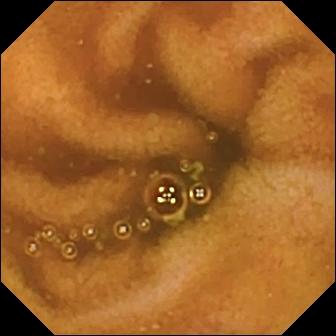WCE frame, small intestine
Finding: normal clean mucosa